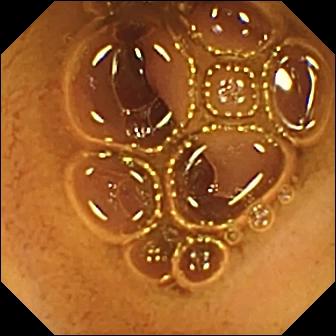PROCEDURE: Wireless capsule endoscopy.
FINDINGS: Normal clean mucosa.